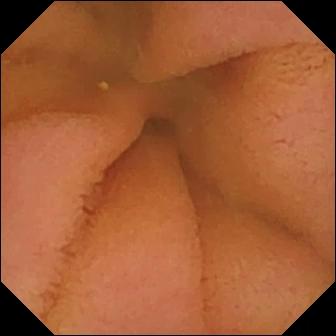VCE view showing normal clean mucosa.